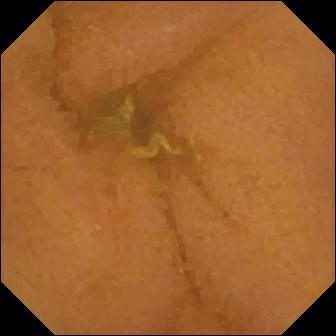Video capsule endoscopy frame (small bowel), 336×336. Normal clean mucosa.